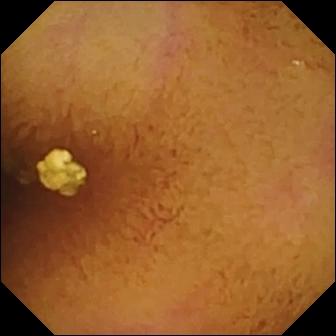Video capsule endoscopy still of the small intestine showing normal clean mucosa.